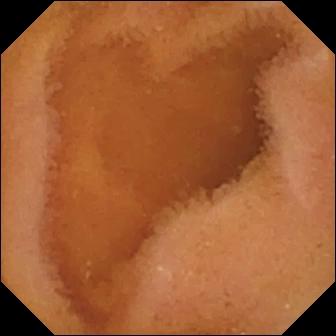Video capsule endoscopy still of the small bowel showing normal clean mucosa.